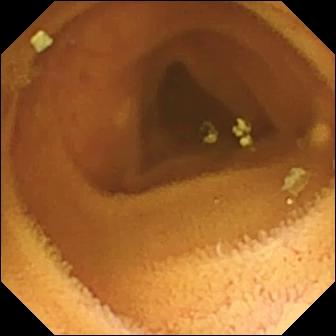modality: small-bowel capsule endoscopy
finding: normal clean mucosa